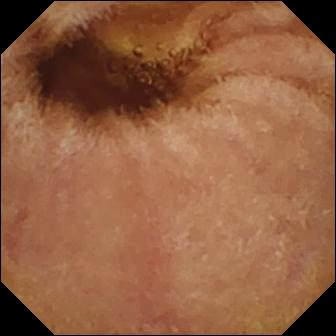{"modality": "video capsule endoscopy", "segment": "small bowel", "finding": "normal clean mucosa"}